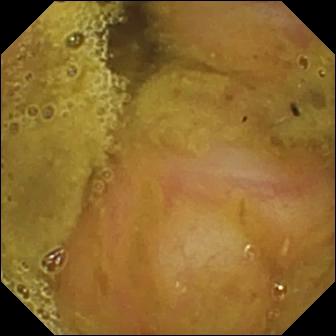This capsule endoscopy frame was taken in the ileo-cecal valve region (where the capsule passes from the small bowel into the large bowel).